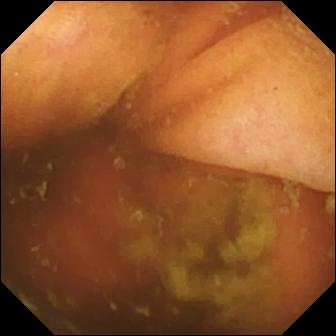Video capsule endoscopy view, 336×336. Taken in the ileo-cecal valve region (where the capsule passes from the small bowel into the large bowel).